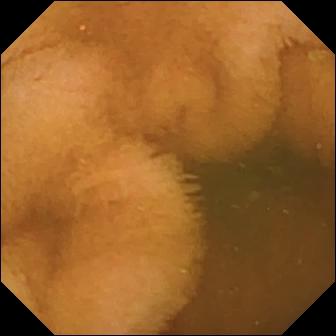Capsule endoscopy — normal clean mucosa.